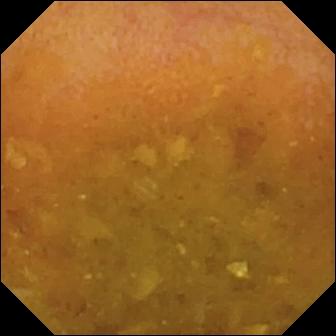Q: What does this video capsule endoscopy snapshot of the small bowel show?
A: Reduced mucosal view (content or bubbles obscuring the mucosa).